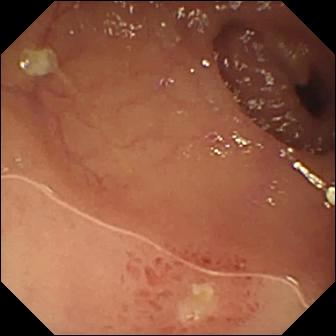Ulcer.